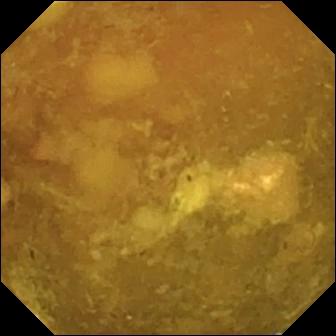Q: What does this VCE snapshot of the small intestine show?
A: Reduced mucosal view (content or bubbles obscuring the mucosa).